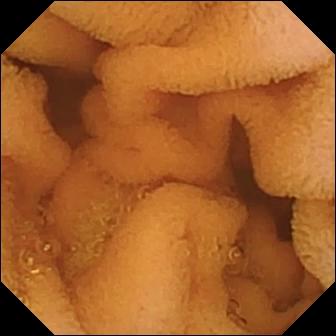PROCEDURE: Video capsule endoscopy.
FINDINGS: Normal clean mucosa.